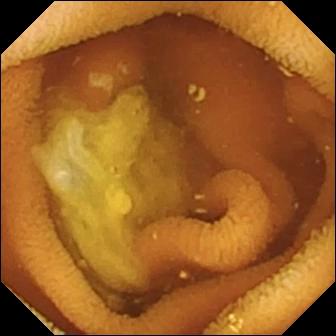This small-bowel capsule endoscopy snapshot of the small bowel shows normal clean mucosa.